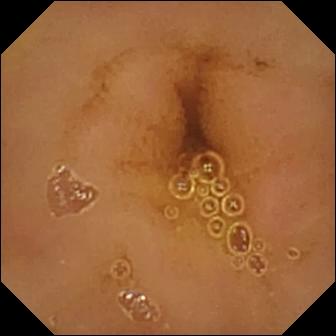PROCEDURE: Capsule endoscopy.
FINDINGS: Normal clean mucosa.